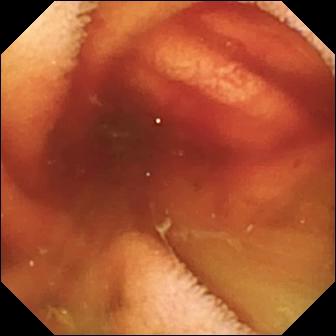This WCE image shows fresh blood in the lumen.